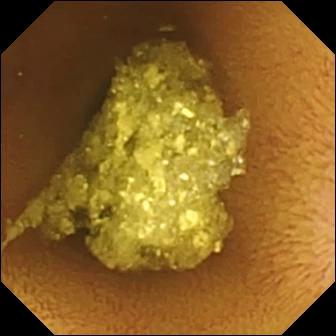Q: What does this video capsule endoscopy image show?
A: Normal clean mucosa.